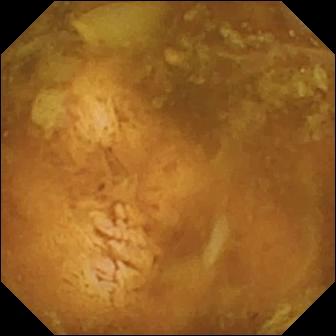WCE frame
Finding: reduced mucosal view (content or bubbles obscuring the mucosa)